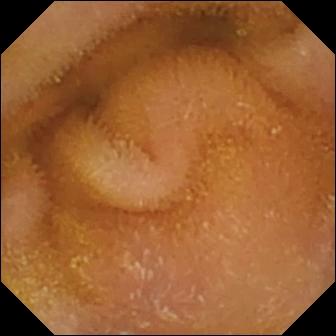PROCEDURE: Small-bowel capsule endoscopy.
SEGMENT: Small bowel.
FINDINGS: Normal clean mucosa.